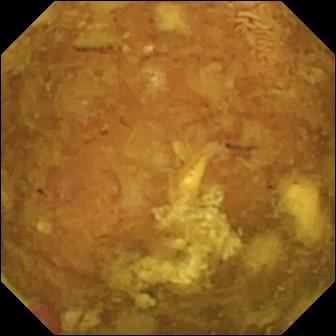Capsule endoscopy snapshot
Observation: reduced mucosal view (content or bubbles obscuring the mucosa)